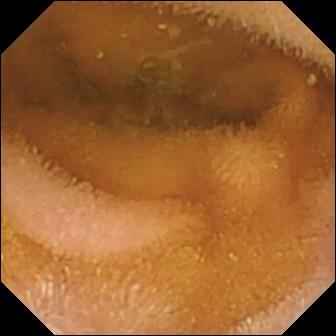Wireless capsule endoscopy still showing normal clean mucosa.